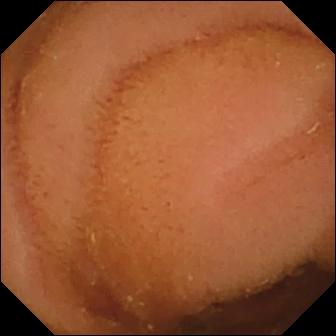VCE image (small bowel). Normal clean mucosa.